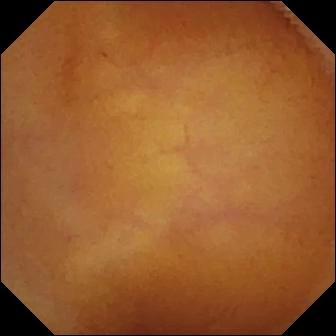Normal clean mucosa (336×336).